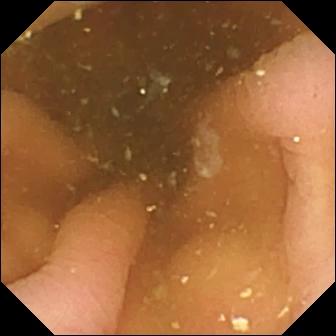Pylorus region (where the capsule passes from the stomach into the small bowel), 336×336.